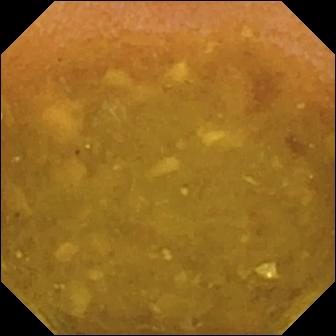Capsule endoscopy view
Observation: reduced mucosal view (content or bubbles obscuring the mucosa)